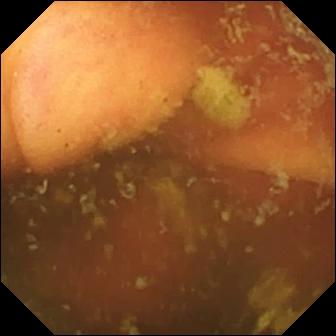Ileo-cecal valve region.